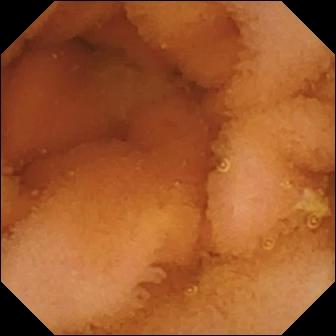modality: capsule endoscopy
finding: normal clean mucosa